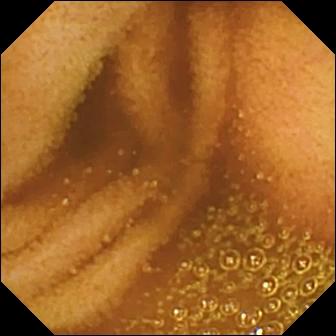VCE view, small bowel
Label: normal clean mucosa